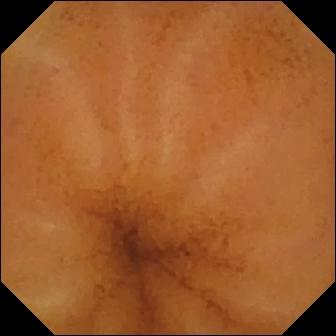{"modality": "WCE", "segment": "small bowel", "category": "luminal finding", "finding": "normal clean mucosa"}